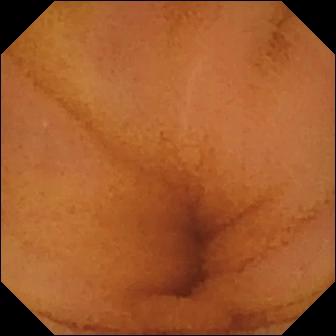Normal clean mucosa.